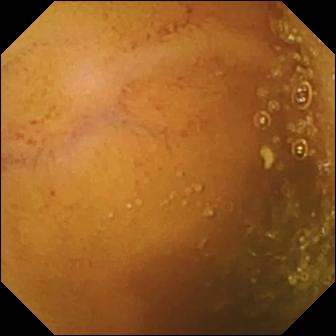Normal clean mucosa — WCE snapshot of the small intestine.